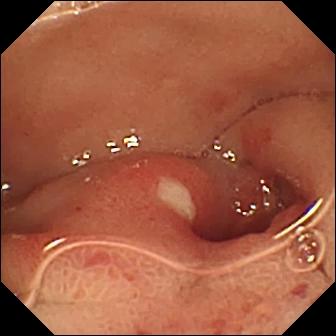Q: What does this video capsule endoscopy still show?
A: Ulcer.